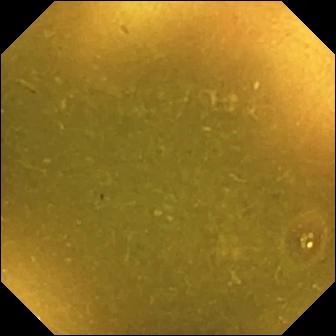- modality: VCE
- category: anatomical landmark
- location: ileo-cecal valve region (where the capsule passes from the small bowel into the large bowel)